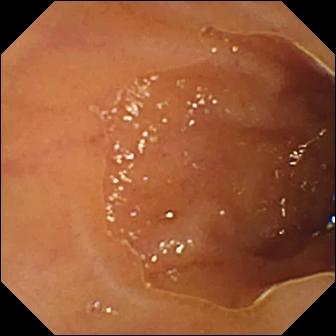Small-bowel capsule endoscopy still. Taken in the ileo-cecal valve region (the transition from the small bowel to the large bowel).